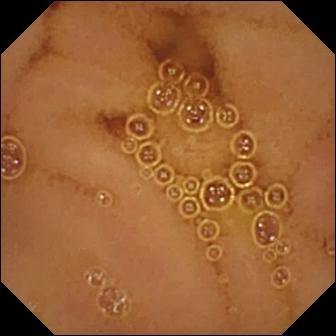Q: What does this VCE snapshot of the small intestine show?
A: Normal clean mucosa.